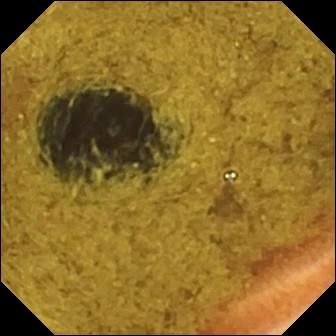WCE snapshot taken in the ileo-cecal valve region (where the capsule passes from the small bowel into the large bowel).